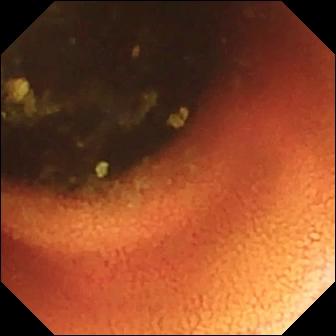Q: Where in the digestive tract was this capsule endoscopy view taken?
A: Ileo-cecal valve region (the transition from the small bowel to the large bowel).